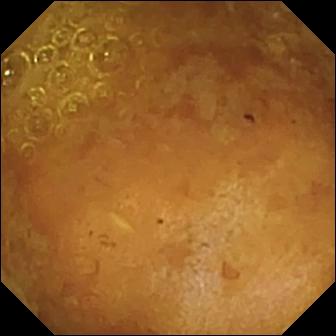VCE snapshot
Label: reduced mucosal view (content or bubbles obscuring the mucosa)